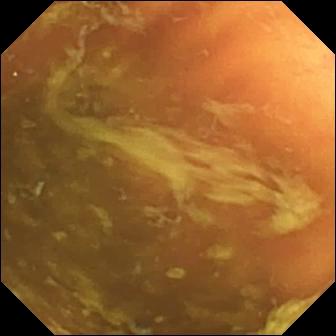Capsule endoscopy — ileo-cecal valve region (where the capsule passes from the small bowel into the large bowel).